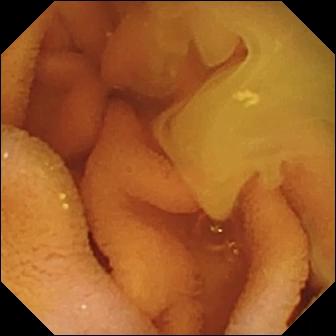modality: wireless capsule endoscopy | segment: small bowel | category: luminal finding | finding: normal clean mucosa